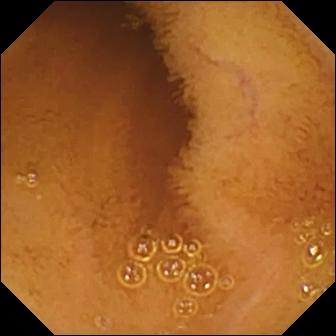Normal clean mucosa — WCE still of the small intestine.